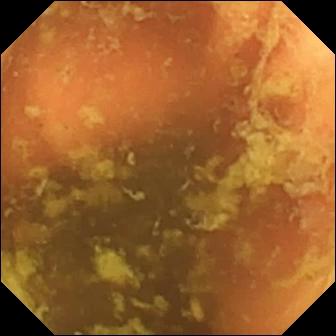modality: VCE
position: ileo-cecal valve region